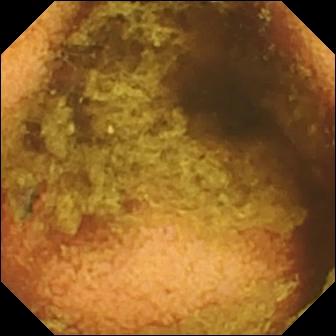Normal clean mucosa.